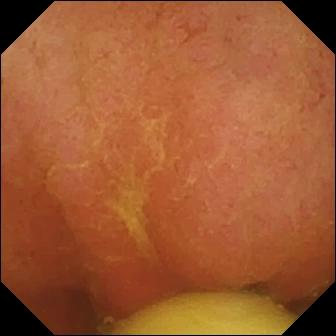Foreign body (e.g. retained capsule, tablet residue).